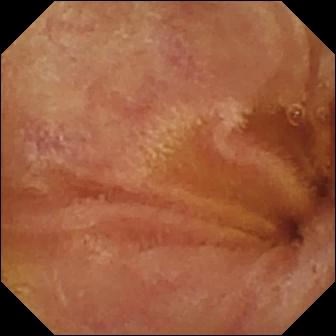Wireless capsule endoscopy. Small intestine. Luminal finding. Label: normal clean mucosa.